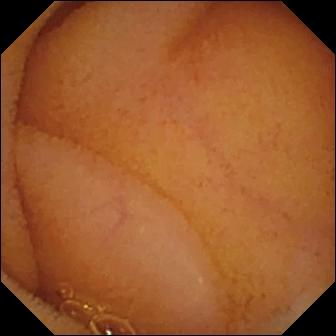Wireless capsule endoscopy — normal clean mucosa.